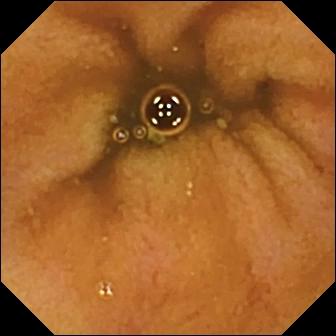VCE snapshot showing normal clean mucosa.